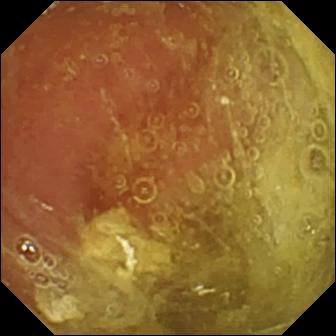PROCEDURE: Video capsule endoscopy.
SEGMENT: Small intestine.
FINDINGS: Normal clean mucosa.